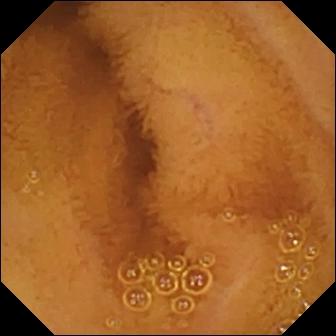Video capsule endoscopy. Small bowel. Observation: normal clean mucosa.